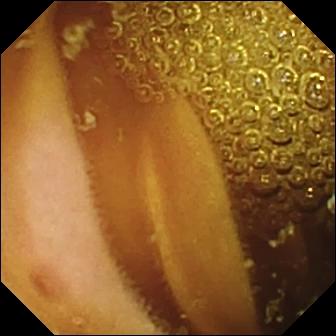VCE view (small bowel). Normal clean mucosa.